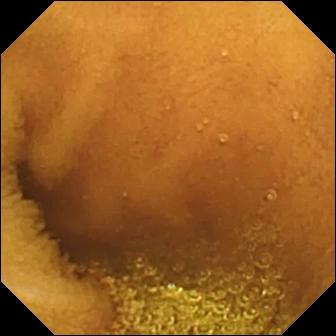WCE view, small bowel
Impression: normal clean mucosa